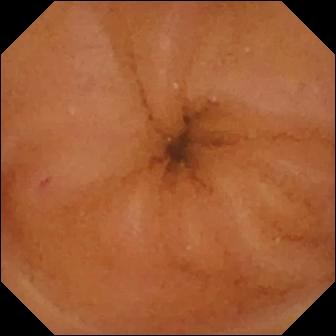Capsule endoscopy snapshot (small bowel). Normal clean mucosa.